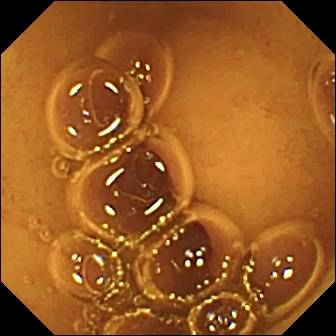PROCEDURE: Capsule endoscopy.
SEGMENT: Small bowel.
FINDINGS: Normal clean mucosa.